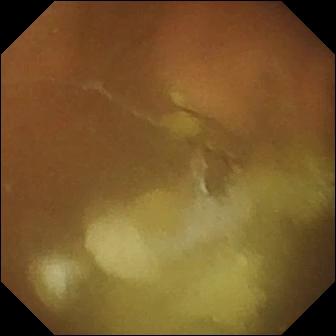- modality: WCE
- position: pylorus region